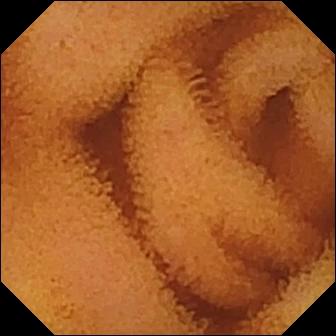Normal clean mucosa — WCE snapshot.